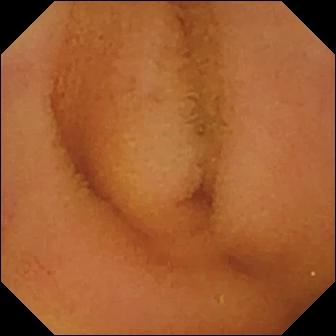- modality: capsule endoscopy
- category: luminal finding
- impression: normal clean mucosa